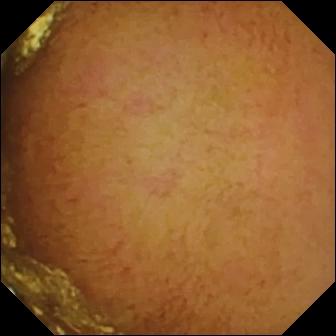Normal clean mucosa — capsule endoscopy frame.